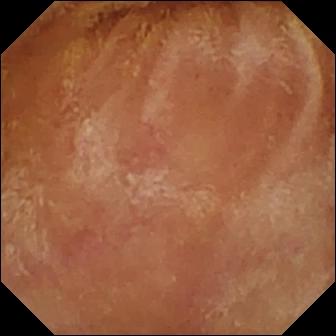This video capsule endoscopy image shows normal clean mucosa.